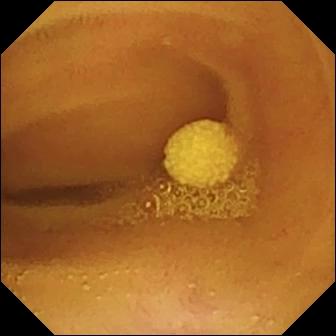- modality: capsule endoscopy
- impression: lymphangiectasia